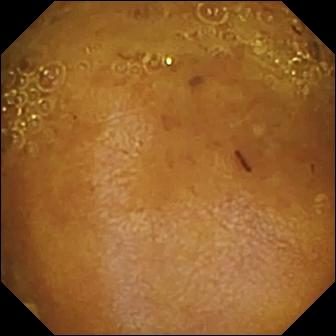Q: What does this small-bowel capsule endoscopy image of the small bowel show?
A: Reduced mucosal view (content or bubbles obscuring the mucosa).